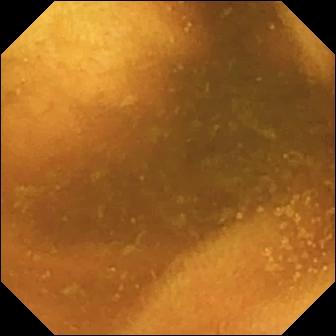{"modality": "VCE", "finding": "normal clean mucosa"}